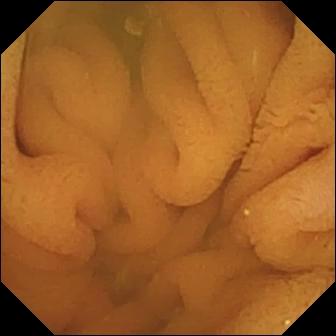This wireless capsule endoscopy frame shows normal clean mucosa.